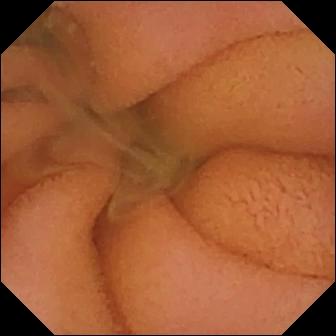Wireless capsule endoscopy snapshot (small intestine). Normal clean mucosa.